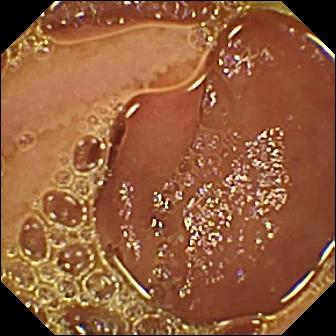- modality: small-bowel capsule endoscopy
- category: luminal finding
- impression: normal clean mucosa